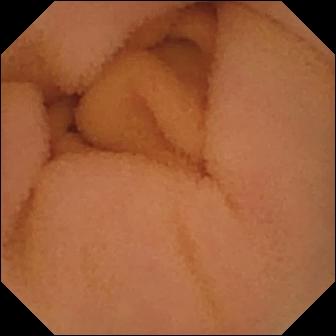WCE frame, small bowel
Impression: normal clean mucosa